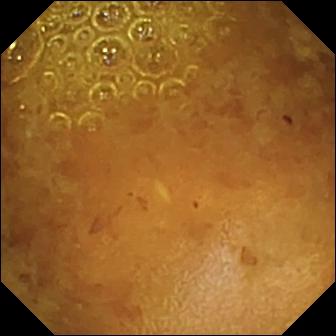VCE view, small bowel
Finding: reduced mucosal view (content or bubbles obscuring the mucosa)